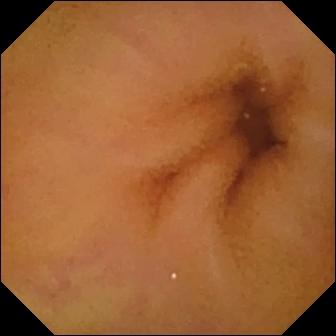Q: What does this small-bowel capsule endoscopy image show?
A: Normal clean mucosa.